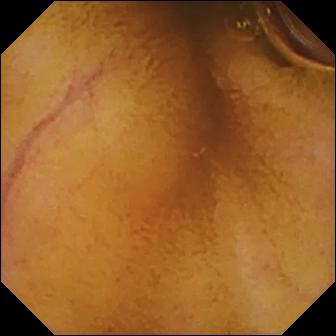This video capsule endoscopy snapshot of the small intestine shows normal clean mucosa.